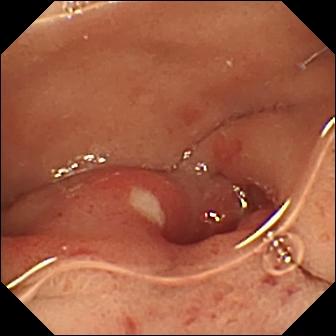Ulcer.